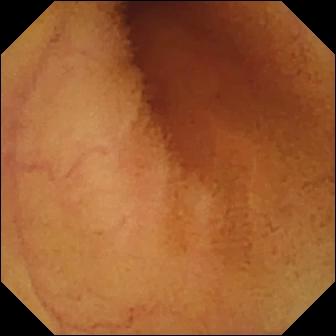{"modality": "video capsule endoscopy", "segment": "small bowel", "category": "luminal finding", "finding": "normal clean mucosa"}